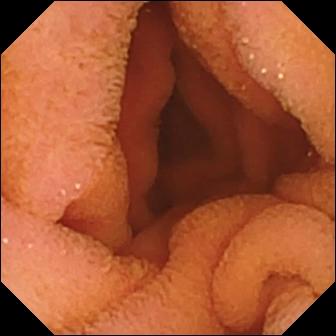PROCEDURE: Small-bowel capsule endoscopy.
SEGMENT: Small bowel.
FINDINGS: Normal clean mucosa.